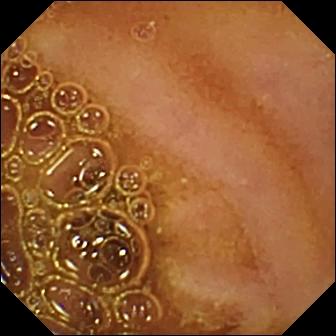This wireless capsule endoscopy still of the small bowel shows normal clean mucosa.